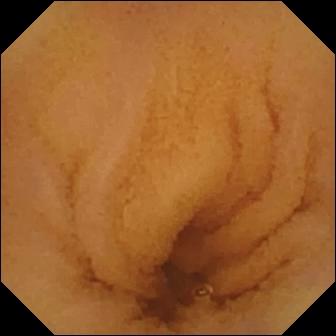PROCEDURE: Small-bowel capsule endoscopy.
SEGMENT: Small bowel.
FINDINGS: Normal clean mucosa.